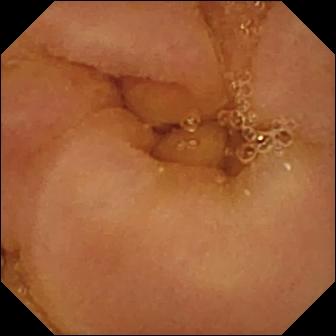Normal clean mucosa — VCE image.